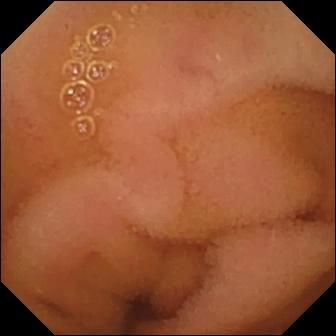Small-bowel capsule endoscopy frame (small bowel). Normal clean mucosa.